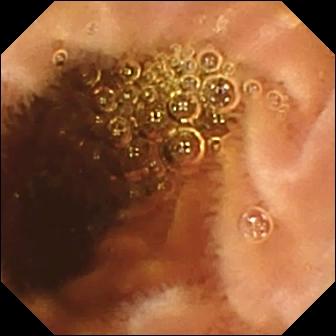Normal clean mucosa — video capsule endoscopy frame of the small bowel.